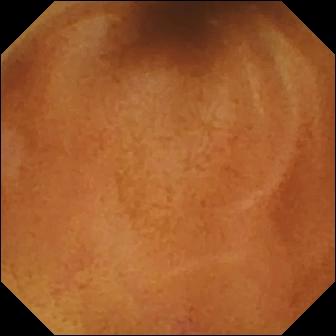PROCEDURE: WCE.
FINDINGS: Normal clean mucosa.